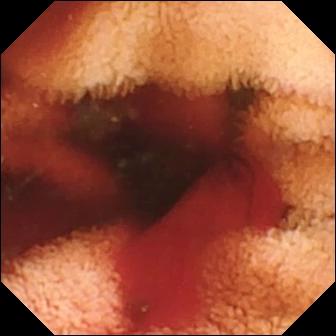Capsule endoscopy — fresh blood in the lumen.